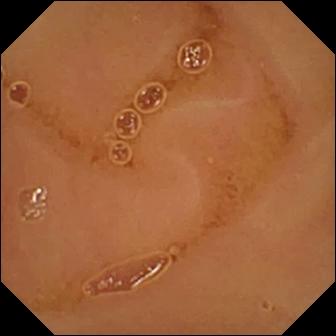PROCEDURE: Video capsule endoscopy.
SEGMENT: Small intestine.
FINDINGS: Normal clean mucosa.